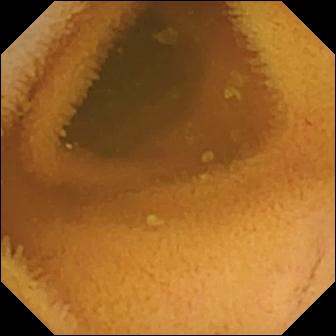PROCEDURE: Small-bowel capsule endoscopy.
FINDINGS: Normal clean mucosa.